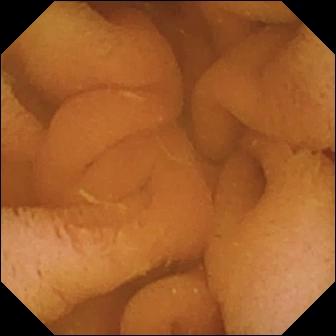Video capsule endoscopy still, small bowel
Observation: normal clean mucosa